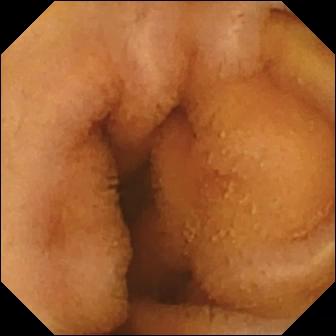Capsule endoscopy — normal clean mucosa.